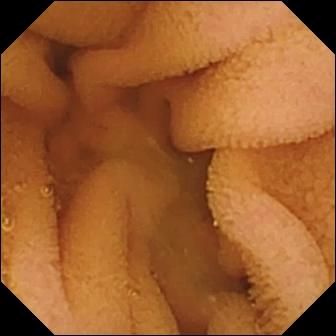Normal clean mucosa — video capsule endoscopy still.